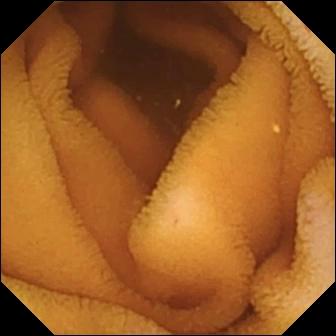Q: What does this VCE frame show?
A: Normal clean mucosa.